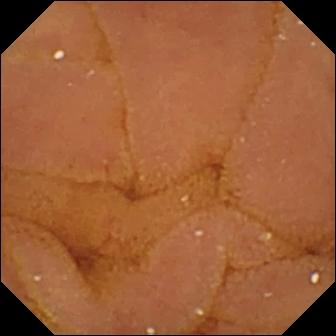- modality: capsule endoscopy
- segment: small bowel
- observation: normal clean mucosa